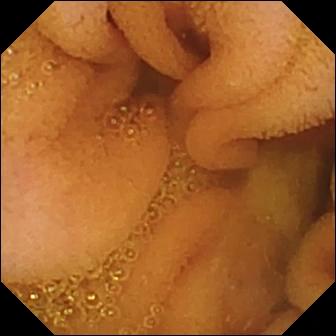- modality: wireless capsule endoscopy
- segment: small intestine
- observation: normal clean mucosa